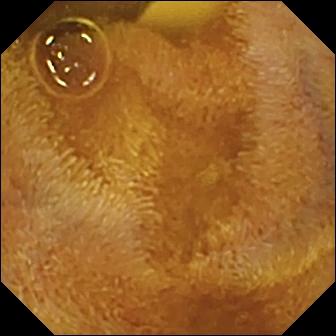- modality: capsule endoscopy
- label: foreign body (e.g. retained capsule, tablet residue)